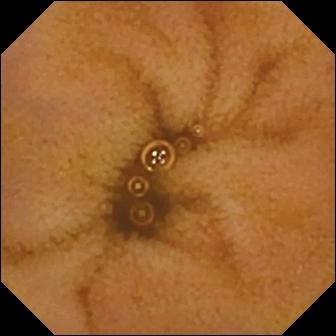- modality: wireless capsule endoscopy
- category: luminal finding
- finding: normal clean mucosa